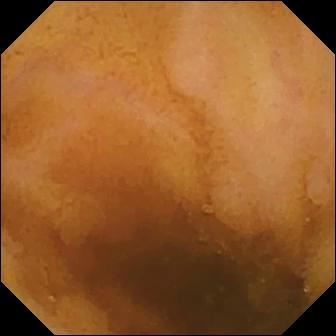Capsule endoscopy still
Label: normal clean mucosa